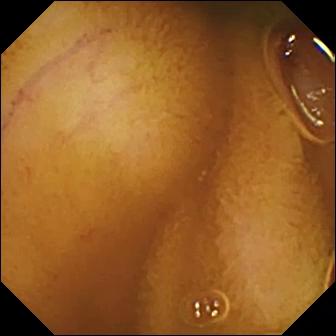Normal clean mucosa — wireless capsule endoscopy view.